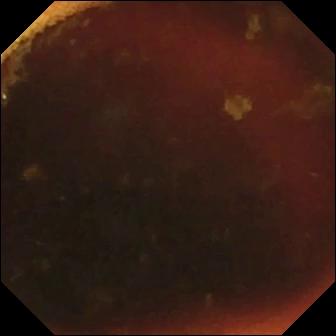Ileo-cecal valve region (the transition from the small bowel to the large bowel), 336×336.